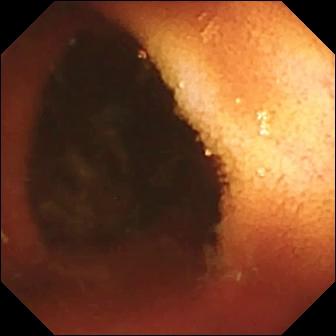Ileo-cecal valve region (the transition from the small bowel to the large bowel) — WCE frame.